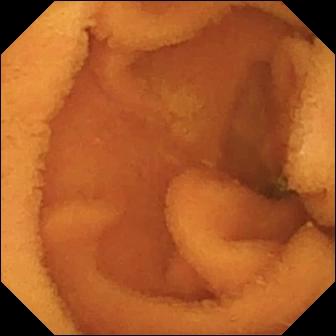modality: small-bowel capsule endoscopy
observation: normal clean mucosa